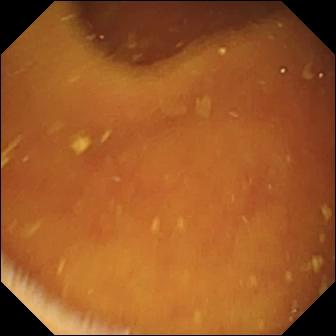{"modality": "small-bowel capsule endoscopy", "label": "pylorus region (where the capsule passes from the stomach into the small bowel)"}